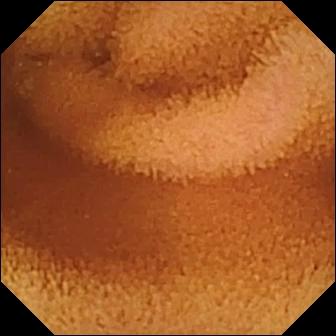- modality: wireless capsule endoscopy
- category: luminal finding
- impression: normal clean mucosa